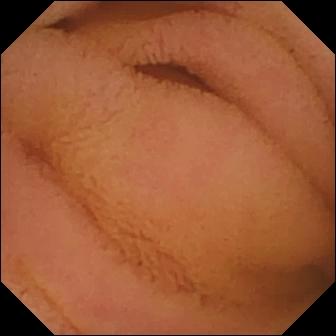{"modality": "video capsule endoscopy", "finding": "normal clean mucosa"}